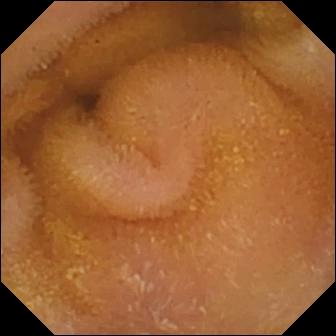Wireless capsule endoscopy. Label: normal clean mucosa.